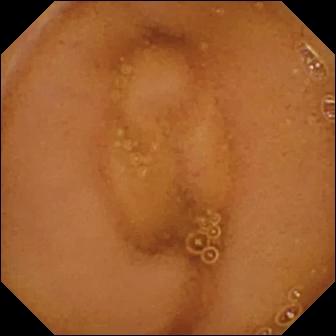- modality: VCE
- segment: small intestine
- observation: normal clean mucosa